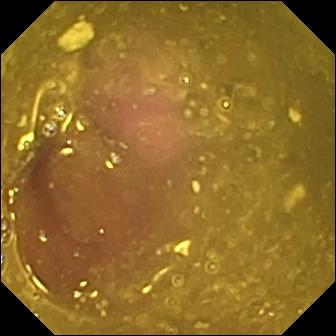{"modality": "video capsule endoscopy", "category": "luminal finding", "finding": "reduced mucosal view (content or bubbles obscuring the mucosa)"}